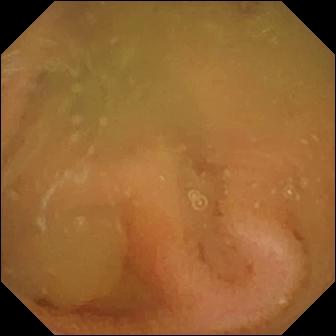Wireless capsule endoscopy — normal clean mucosa.